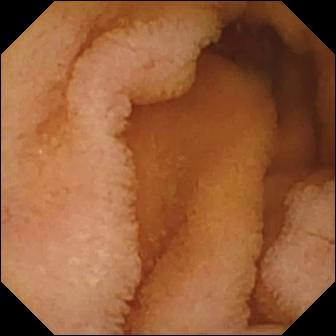Normal clean mucosa — WCE image of the small bowel.